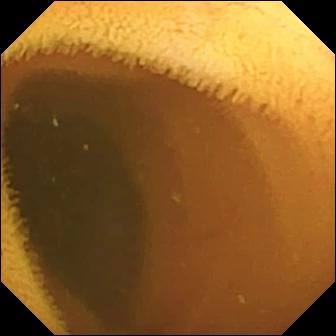Video capsule endoscopy still (small bowel), 336×336. Normal clean mucosa.